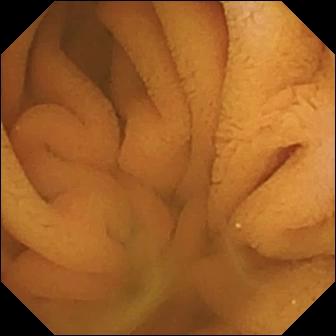PROCEDURE: Small-bowel capsule endoscopy.
FINDINGS: Normal clean mucosa.